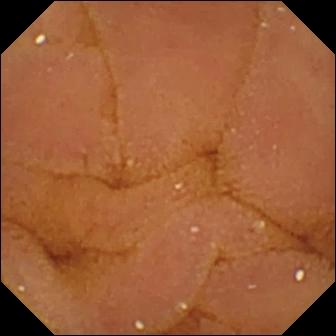Capsule endoscopy — normal clean mucosa.